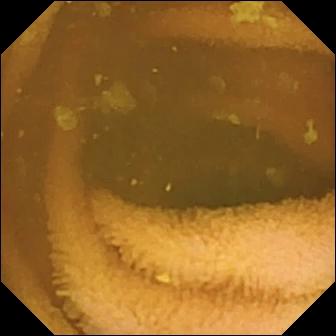VCE still (small bowel). Normal clean mucosa.